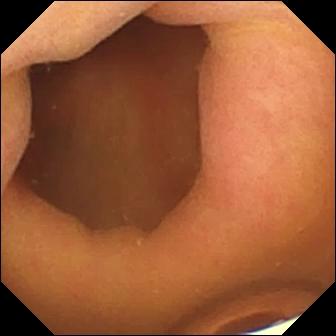Video capsule endoscopy image
Finding: foreign body (e.g. retained capsule, tablet residue)